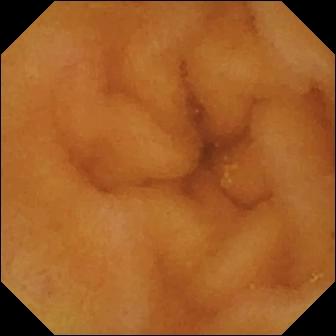Normal clean mucosa.